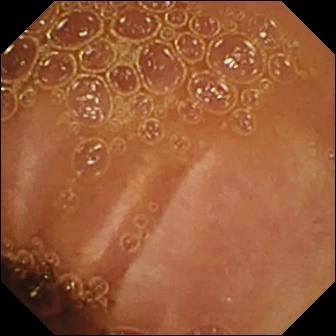Video capsule endoscopy. Small intestine. Luminal finding. Label: normal clean mucosa.